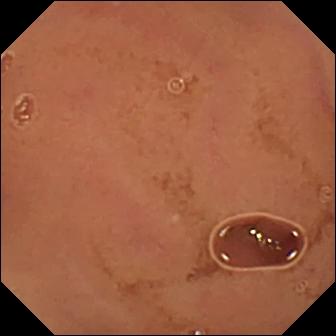This wireless capsule endoscopy view of the small bowel shows normal clean mucosa.